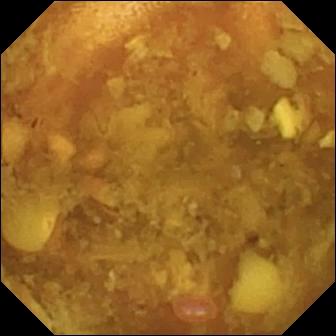Q: What does this VCE snapshot show?
A: Reduced mucosal view (content or bubbles obscuring the mucosa).